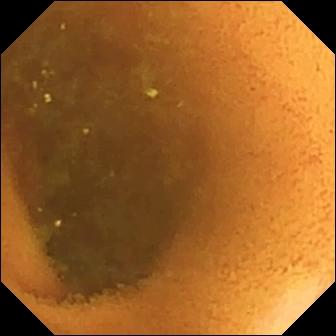- modality: small-bowel capsule endoscopy
- segment: small intestine
- label: normal clean mucosa